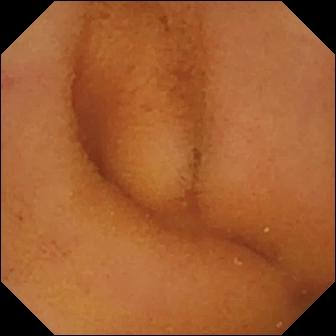{"modality": "small-bowel capsule endoscopy", "segment": "small bowel", "category": "luminal finding", "finding": "normal clean mucosa"}